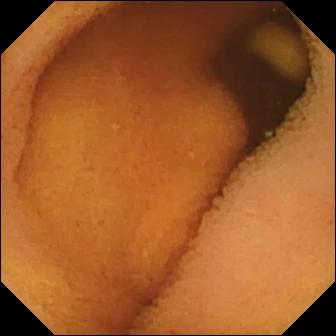Capsule endoscopy frame
Finding: normal clean mucosa